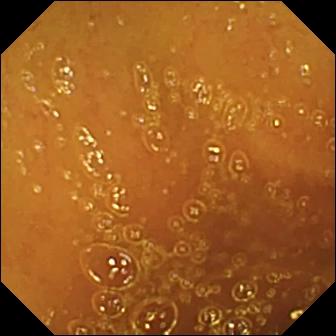PROCEDURE: WCE.
FINDINGS: Normal clean mucosa.